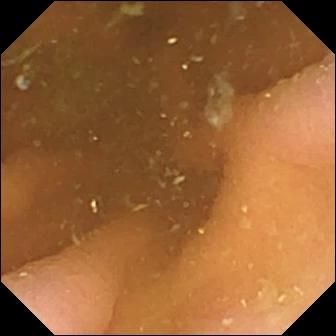PROCEDURE: Capsule endoscopy.
VIDEO SEGMENT: Pylorus region.